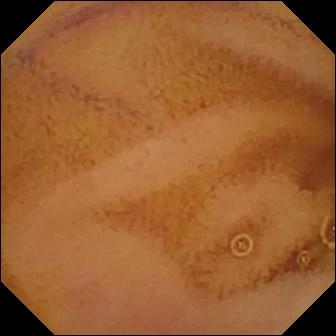Normal clean mucosa — VCE frame.